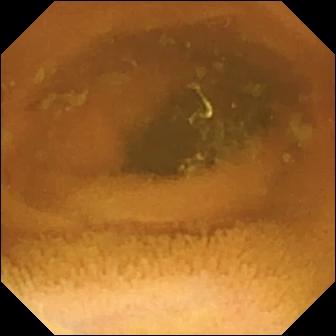Normal clean mucosa — wireless capsule endoscopy image of the small intestine.